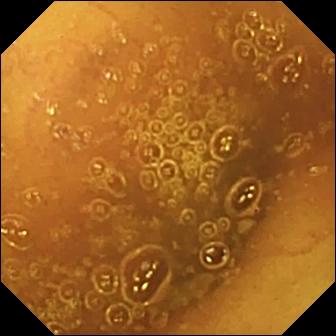This VCE snapshot shows normal clean mucosa.